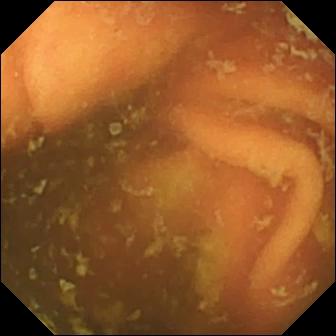Video capsule endoscopy frame taken in the ileo-cecal valve region.